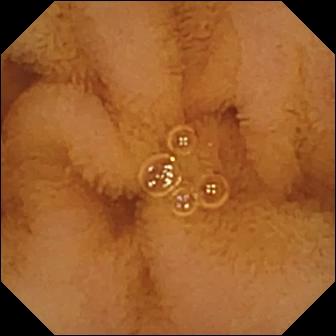Normal clean mucosa — wireless capsule endoscopy view.